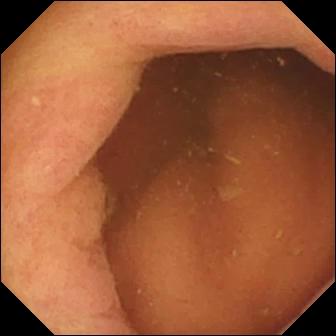Pylorus region (where the capsule passes from the stomach into the small bowel) — WCE image.